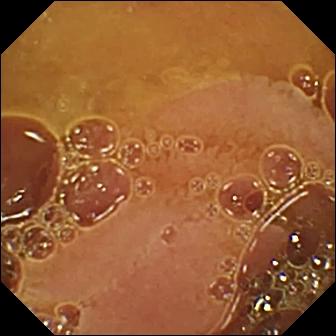This wireless capsule endoscopy image shows normal clean mucosa.